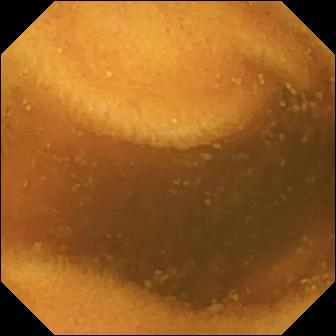modality: video capsule endoscopy; segment: small intestine; label: normal clean mucosa